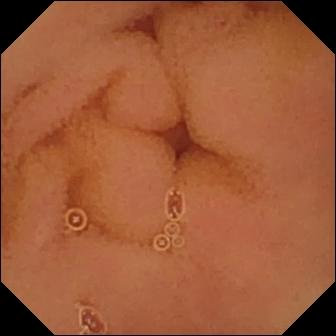Video capsule endoscopy. Small bowel. Finding: normal clean mucosa.